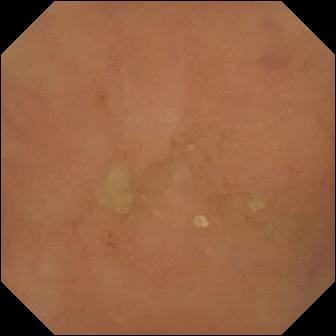This video capsule endoscopy view shows normal clean mucosa.